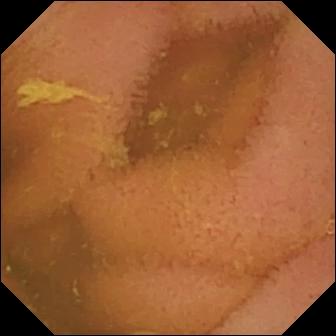PROCEDURE: WCE.
FINDINGS: Normal clean mucosa.